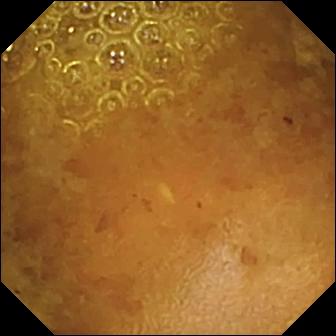Wireless capsule endoscopy frame (small intestine), 336×336. Reduced mucosal view (content or bubbles obscuring the mucosa).